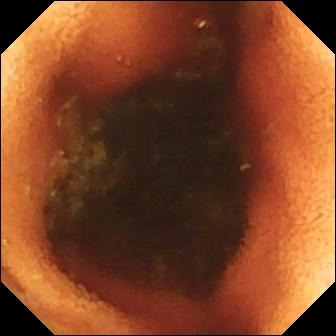modality: small-bowel capsule endoscopy; category: anatomical landmark; position: ileo-cecal valve region